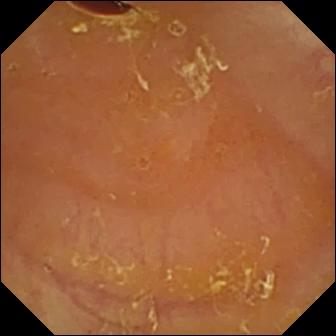VCE view (small bowel). Reduced mucosal view (content or bubbles obscuring the mucosa).